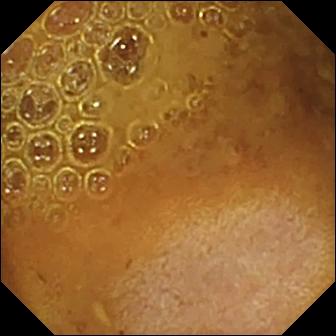Q: What does this small-bowel capsule endoscopy snapshot show?
A: Reduced mucosal view (content or bubbles obscuring the mucosa).